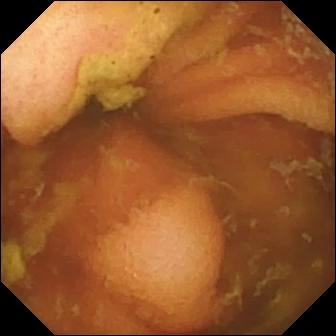WCE view
Position: ileo-cecal valve region (the transition from the small bowel to the large bowel)